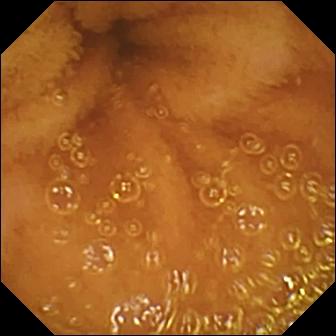Capsule endoscopy — normal clean mucosa.